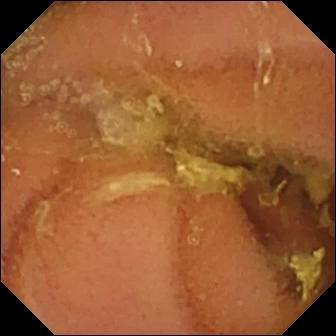Video capsule endoscopy frame (small bowel). Normal clean mucosa.